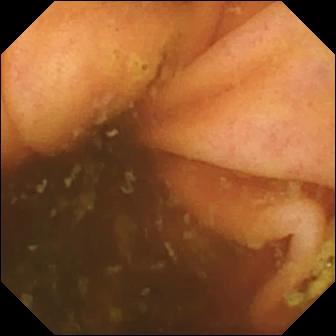Capsule endoscopy frame taken in the ileo-cecal valve region.